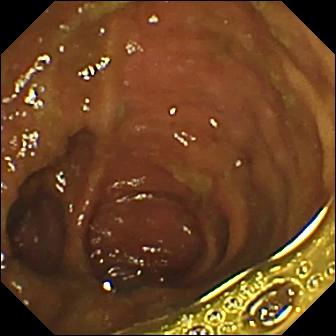Wireless capsule endoscopy frame
Position: ileo-cecal valve region (where the capsule passes from the small bowel into the large bowel)